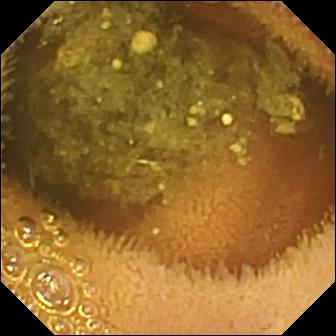Small-bowel capsule endoscopy frame. Reduced mucosal view (content or bubbles obscuring the mucosa).